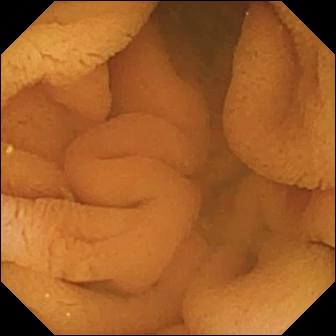modality: small-bowel capsule endoscopy
segment: small bowel
category: luminal finding
label: normal clean mucosa